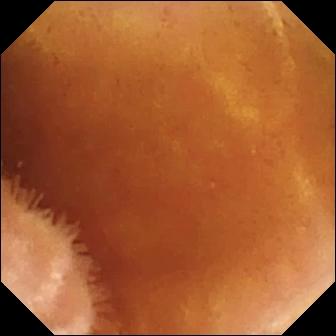{"modality": "WCE", "segment": "small bowel", "finding": "normal clean mucosa"}